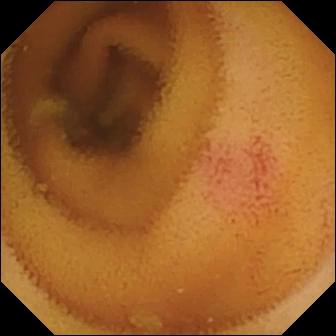modality: video capsule endoscopy | label: angiectasia